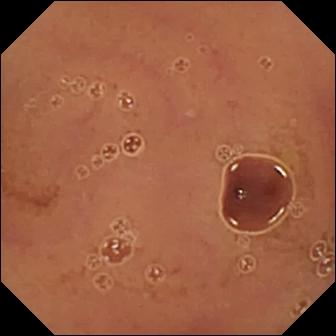{"modality": "WCE", "finding": "normal clean mucosa"}